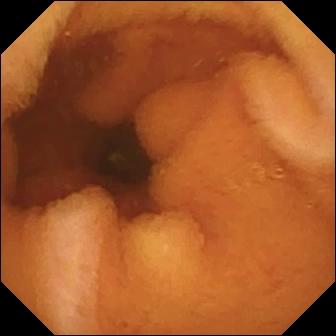Normal clean mucosa (336×336).